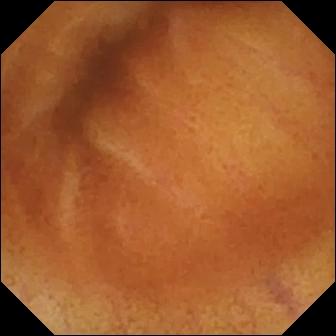VCE image of the small intestine showing normal clean mucosa.